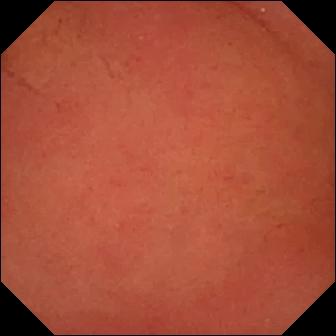Video capsule endoscopy still. Taken in the pylorus region.